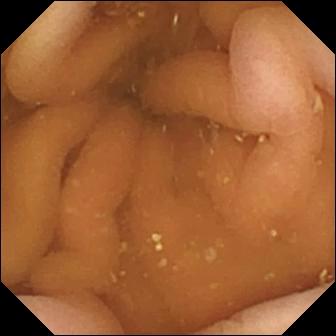Q: Where in the digestive tract was this WCE view taken?
A: Pylorus region (the junction between the stomach and the small bowel).